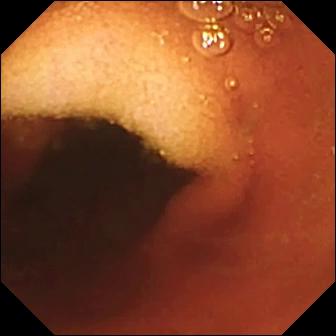{"modality": "VCE", "category": "anatomical landmark", "position": "ileo-cecal valve region (the transition from the small bowel to the large bowel)"}